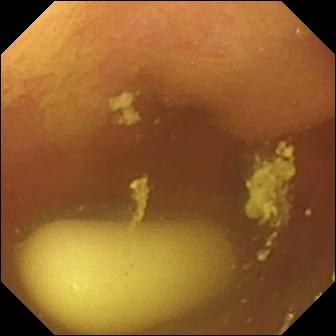PROCEDURE: Wireless capsule endoscopy.
FINDINGS: Foreign body (e.g. retained capsule, tablet residue).